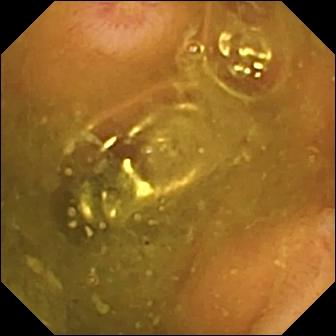This video capsule endoscopy snapshot shows erosion.